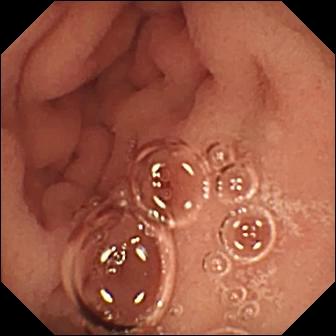VCE. Video segment: pylorus region (where the capsule passes from the stomach into the small bowel).